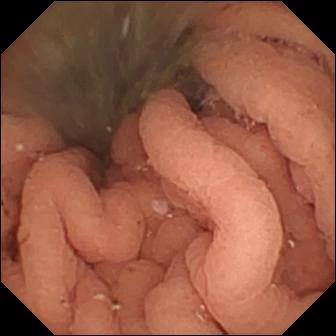{"modality": "WCE", "finding": "fresh blood in the lumen"}